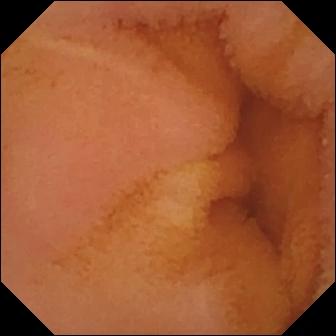Normal clean mucosa — small-bowel capsule endoscopy snapshot of the small intestine.